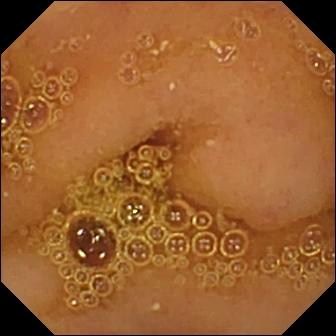Wireless capsule endoscopy view. Normal clean mucosa.